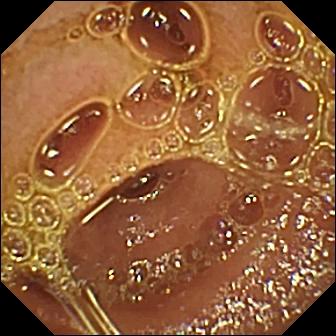VCE — normal clean mucosa.